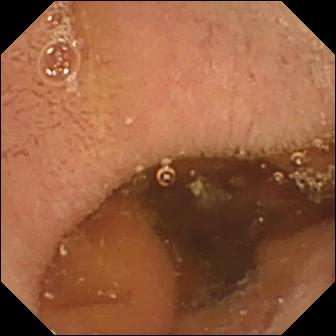Small-bowel capsule endoscopy — pylorus region.